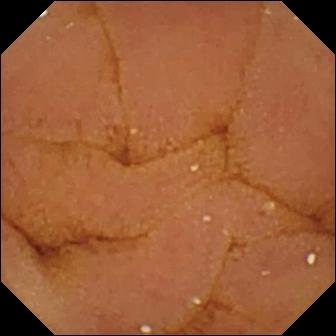- modality: small-bowel capsule endoscopy
- observation: normal clean mucosa